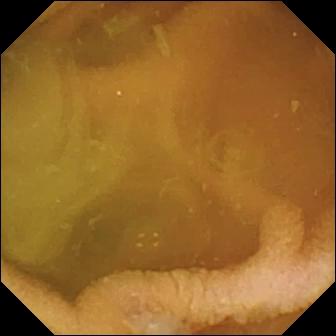PROCEDURE: Wireless capsule endoscopy.
FINDINGS: Normal clean mucosa.